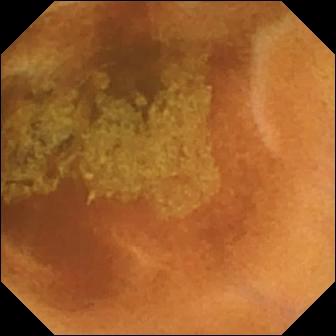Normal clean mucosa — capsule endoscopy image.